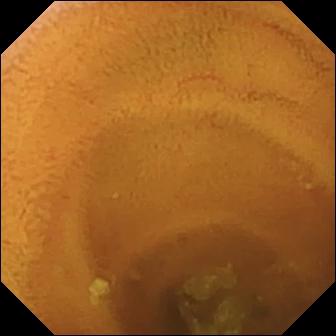- modality: capsule endoscopy
- segment: small bowel
- label: normal clean mucosa